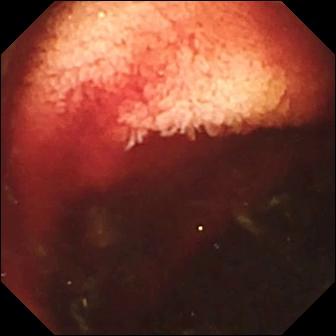Video capsule endoscopy. Label: fresh blood in the lumen.